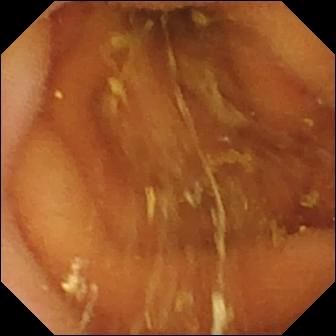WCE — normal clean mucosa.